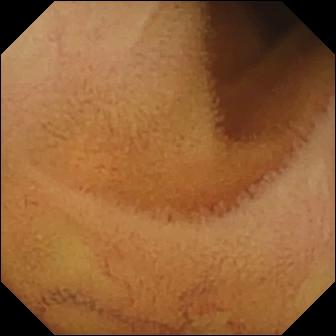VCE. Small bowel. Impression: normal clean mucosa.